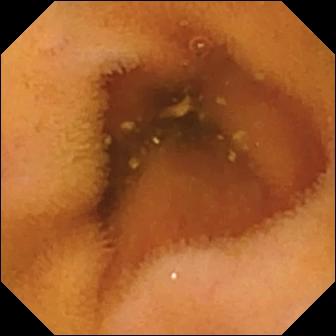{"modality": "VCE", "finding": "normal clean mucosa"}